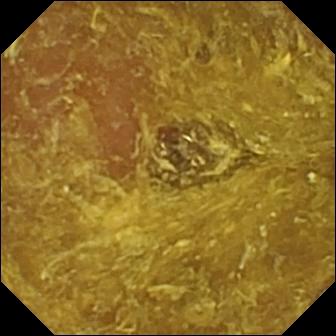{"modality": "capsule endoscopy", "segment": "small intestine", "category": "luminal finding", "finding": "reduced mucosal view (content or bubbles obscuring the mucosa)"}